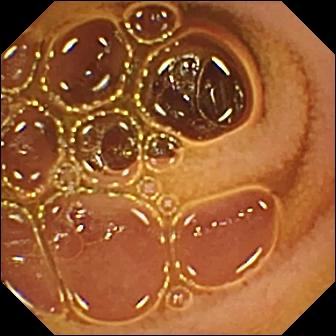- modality: video capsule endoscopy
- segment: small bowel
- finding: normal clean mucosa